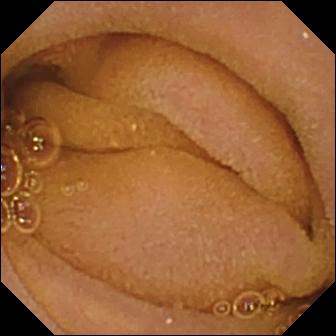WCE snapshot (small intestine). Normal clean mucosa.